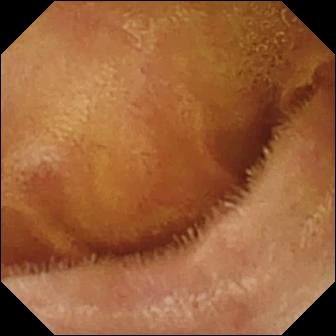Capsule endoscopy image. Normal clean mucosa.